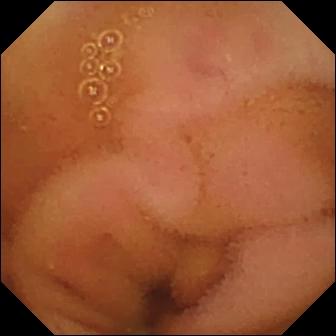{"modality": "VCE", "segment": "small bowel", "finding": "normal clean mucosa"}